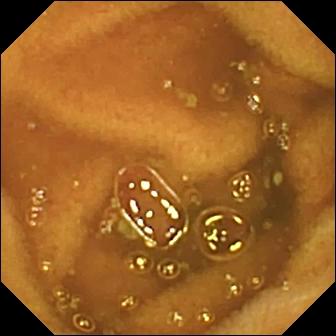WCE view, small intestine
Label: normal clean mucosa